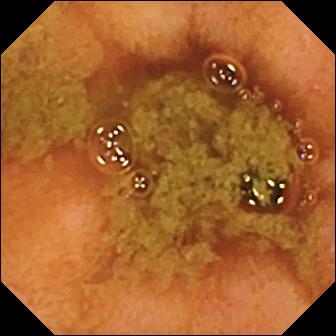- modality: VCE
- category: anatomical landmark
- label: ileo-cecal valve region (where the capsule passes from the small bowel into the large bowel)